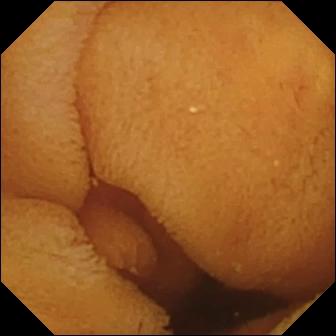modality: capsule endoscopy | segment: small intestine | finding: normal clean mucosa